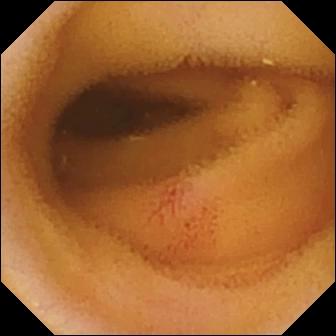Angiectasia — capsule endoscopy snapshot.